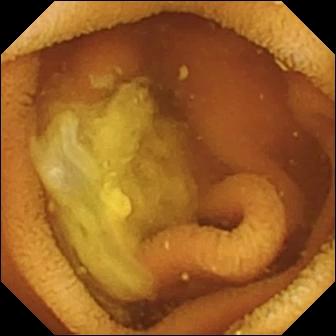Normal clean mucosa — wireless capsule endoscopy frame of the small intestine.